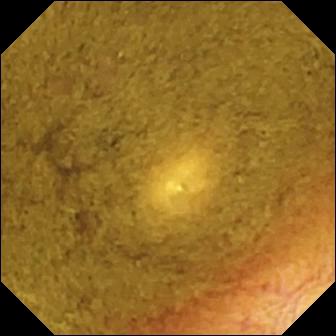This WCE snapshot was taken in the ileo-cecal valve region (where the capsule passes from the small bowel into the large bowel).